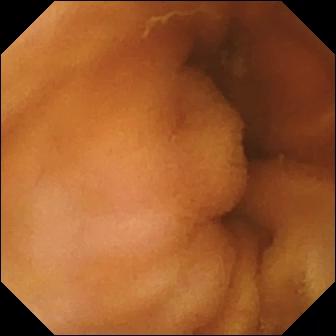PROCEDURE: Video capsule endoscopy.
SEGMENT: Small bowel.
FINDINGS: Normal clean mucosa.